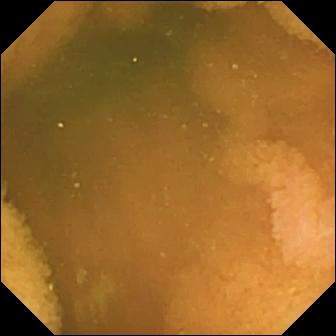Q: What does this capsule endoscopy frame show?
A: Normal clean mucosa.